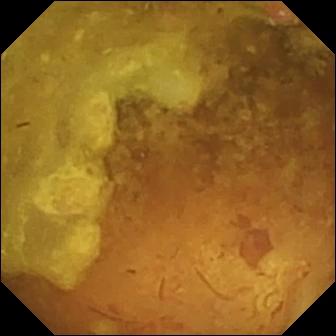Capsule endoscopy image of the small bowel showing reduced mucosal view (content or bubbles obscuring the mucosa).